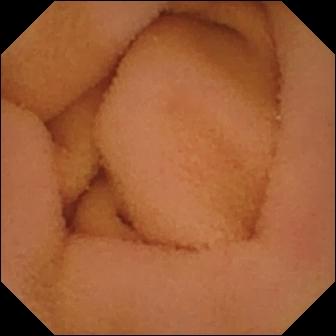WCE frame
Finding: normal clean mucosa